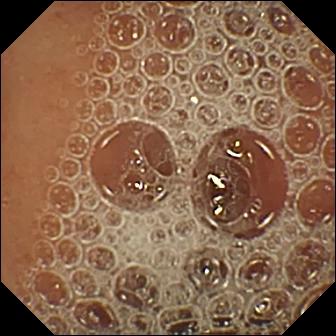PROCEDURE: WCE.
FINDINGS: Normal clean mucosa.